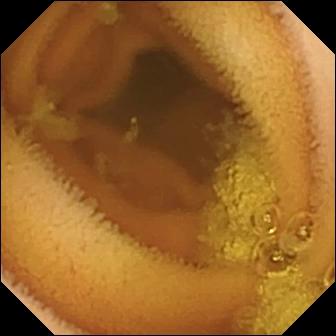PROCEDURE: Capsule endoscopy.
SEGMENT: Small bowel.
FINDINGS: Normal clean mucosa.